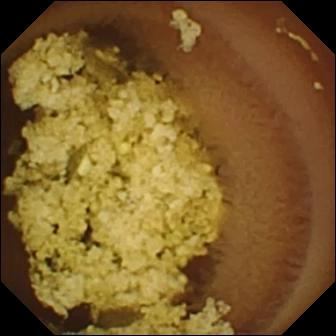VCE. Finding: normal clean mucosa.